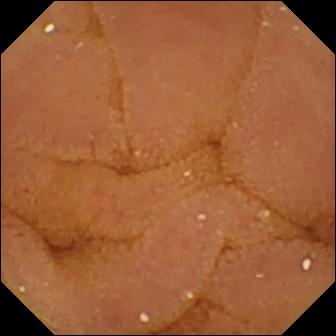Normal clean mucosa — WCE frame of the small intestine.